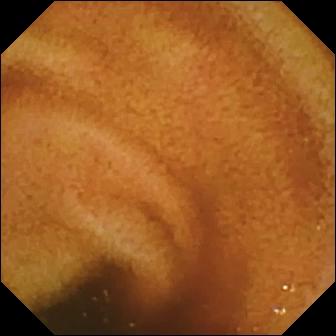{"modality": "wireless capsule endoscopy", "finding": "normal clean mucosa"}